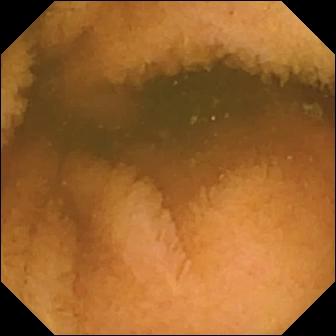Capsule endoscopy. Luminal finding. Impression: normal clean mucosa.